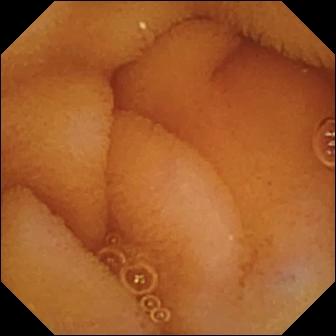VCE. Impression: normal clean mucosa.